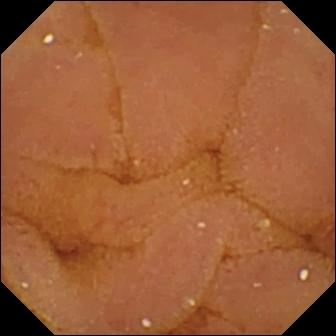- modality: VCE
- segment: small bowel
- impression: normal clean mucosa